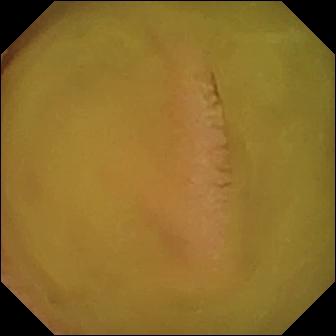Wireless capsule endoscopy. Small bowel. Observation: normal clean mucosa.